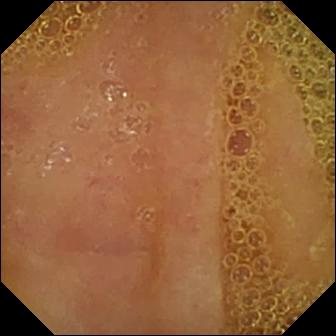modality: small-bowel capsule endoscopy; segment: small bowel; observation: normal clean mucosa